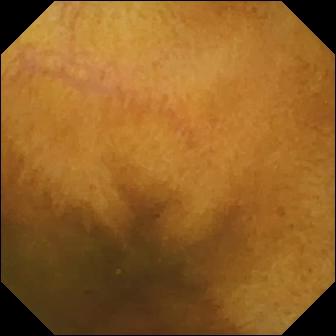modality: small-bowel capsule endoscopy
finding: normal clean mucosa